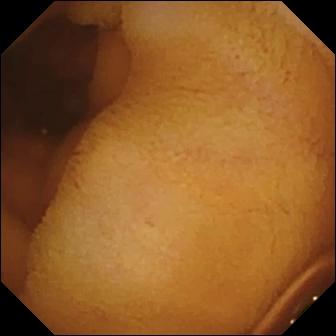Q: What does this video capsule endoscopy still show?
A: Normal clean mucosa.